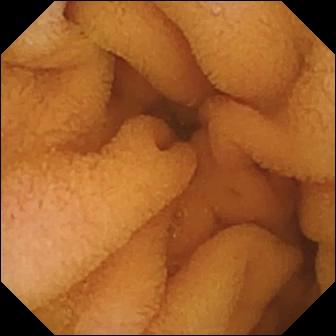modality: VCE
finding: normal clean mucosa